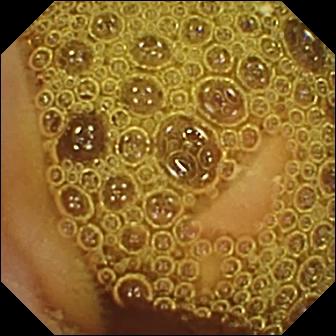PROCEDURE: Small-bowel capsule endoscopy.
FINDINGS: Normal clean mucosa.